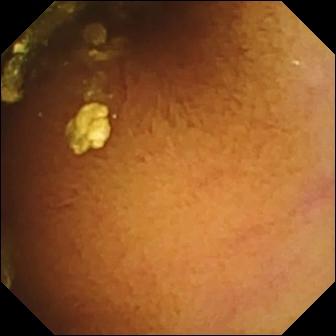modality: video capsule endoscopy | segment: small intestine | category: luminal finding | label: normal clean mucosa